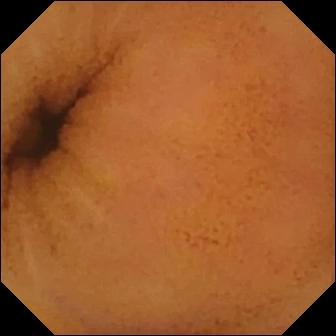This small-bowel capsule endoscopy image of the small bowel shows normal clean mucosa.